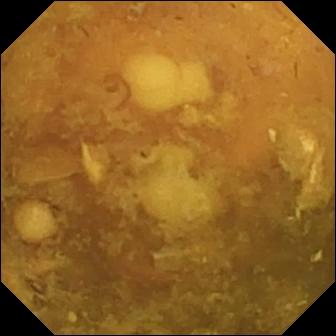modality: wireless capsule endoscopy | segment: small bowel | observation: reduced mucosal view (content or bubbles obscuring the mucosa)